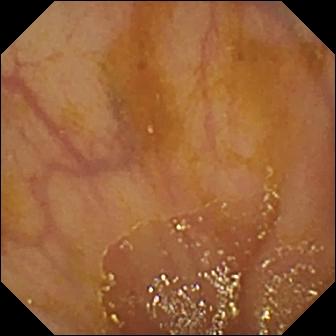Small-bowel capsule endoscopy still, 336×336. Taken in the ileo-cecal valve region.